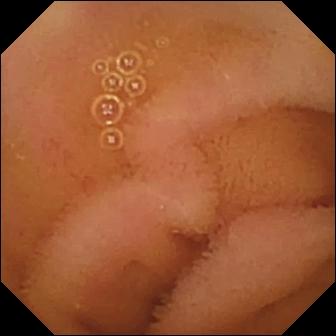Video capsule endoscopy snapshot
Observation: normal clean mucosa